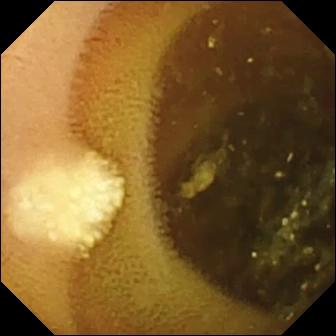Lymphangiectasia (336×336).